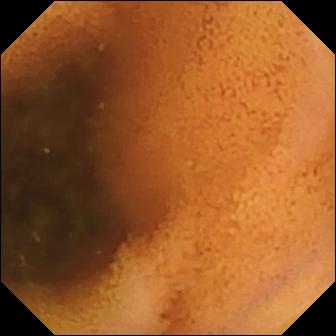VCE — normal clean mucosa.